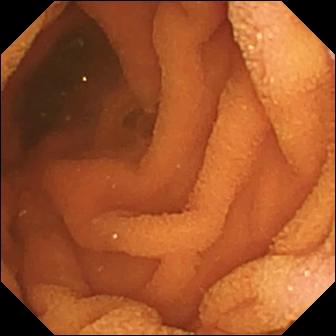Wireless capsule endoscopy view of the small bowel showing normal clean mucosa.